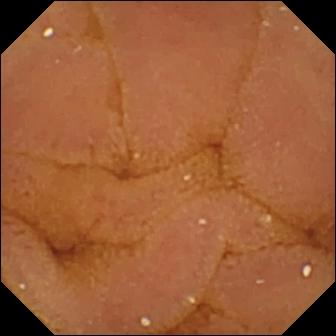This VCE frame shows normal clean mucosa.